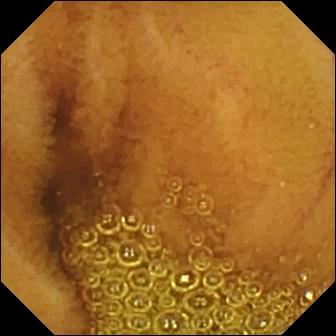Normal clean mucosa.